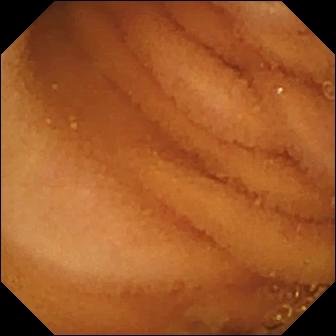Normal clean mucosa — VCE still of the small intestine.